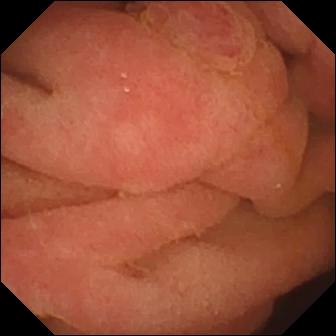Ampulla of Vater (major duodenal papilla) (336×336).